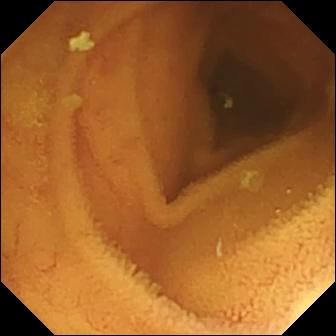{"modality": "WCE", "finding": "normal clean mucosa"}